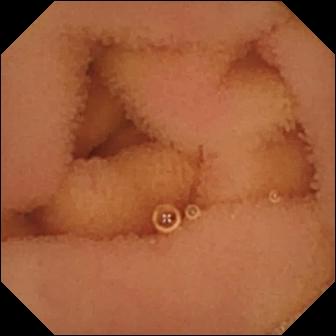Normal clean mucosa — small-bowel capsule endoscopy frame of the small intestine.